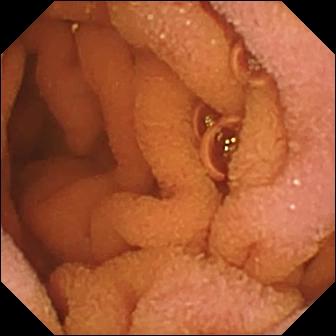Normal clean mucosa (336×336).